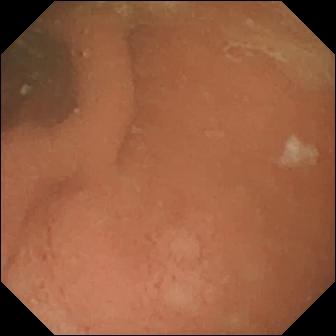VCE snapshot showing normal clean mucosa.